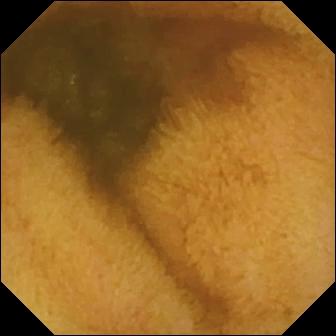Q: What does this small-bowel capsule endoscopy image of the small intestine show?
A: Normal clean mucosa.